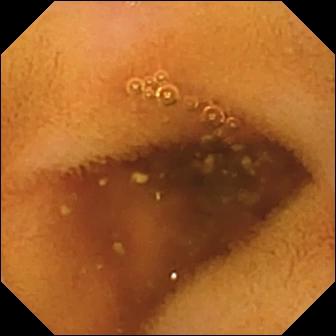Q: What does this VCE snapshot show?
A: Normal clean mucosa.